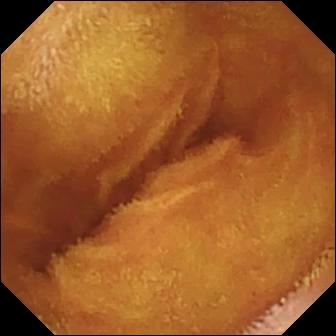Q: What does this capsule endoscopy image of the small intestine show?
A: Normal clean mucosa.